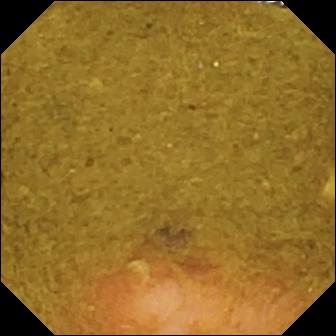Wireless capsule endoscopy. Position: ileo-cecal valve region (where the capsule passes from the small bowel into the large bowel).